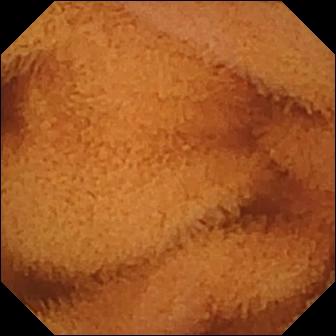modality: WCE; category: luminal finding; finding: normal clean mucosa